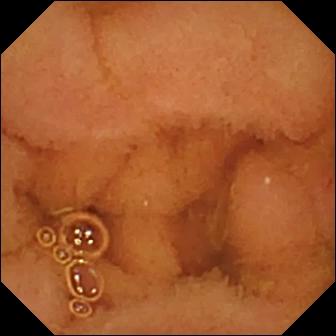VCE snapshot (small intestine). Normal clean mucosa.